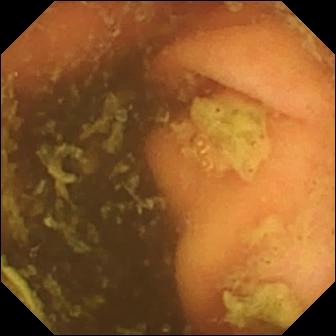Ileo-cecal valve region (the transition from the small bowel to the large bowel), 336×336.